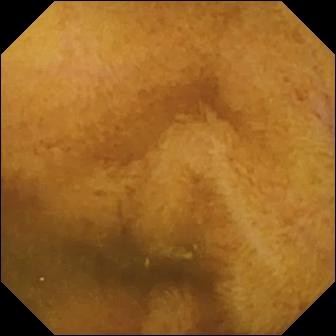Normal clean mucosa — VCE image of the small intestine.